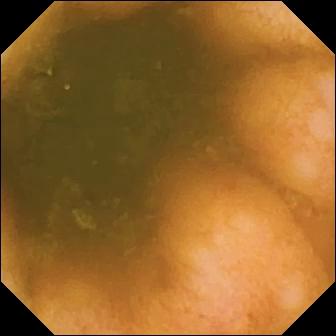PROCEDURE: Video capsule endoscopy.
LABEL: Ileo-cecal valve region (where the capsule passes from the small bowel into the large bowel).